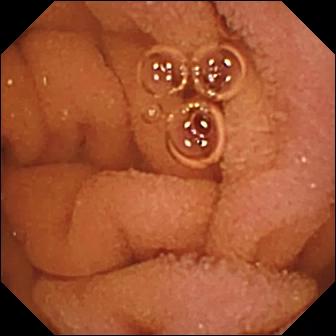Q: What does this small-bowel capsule endoscopy view show?
A: Normal clean mucosa.